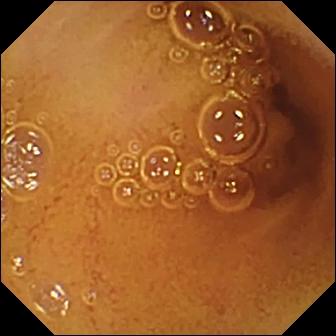{"modality": "wireless capsule endoscopy", "finding": "normal clean mucosa"}